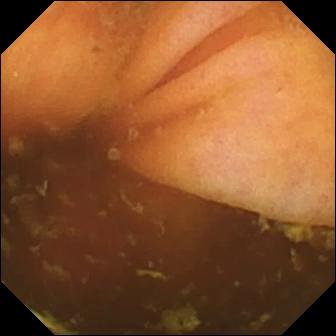PROCEDURE: Small-bowel capsule endoscopy.
LOCATION: Ileo-cecal valve region (where the capsule passes from the small bowel into the large bowel).